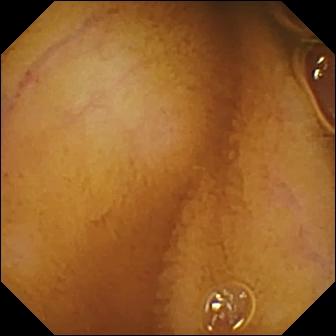- modality: capsule endoscopy
- category: luminal finding
- impression: normal clean mucosa